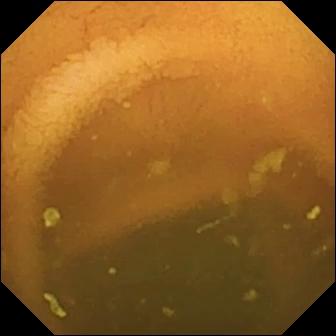{"modality": "WCE", "category": "luminal finding", "finding": "normal clean mucosa"}